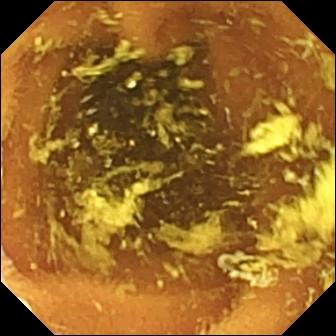VCE. Luminal finding. Label: normal clean mucosa.